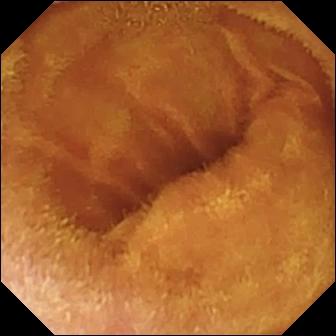This small-bowel capsule endoscopy frame shows normal clean mucosa.